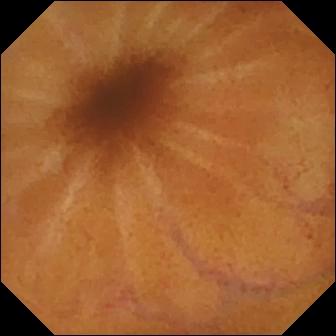This WCE view shows normal clean mucosa.